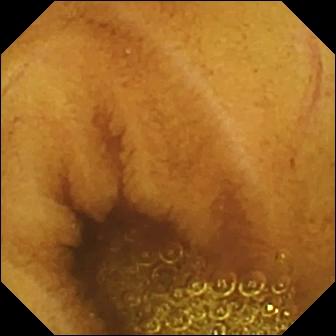- modality: VCE
- observation: normal clean mucosa